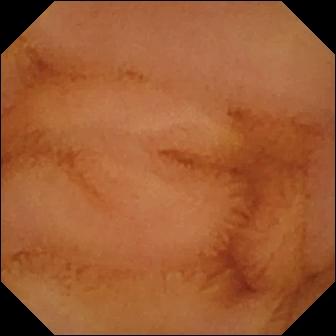PROCEDURE: Video capsule endoscopy.
FINDINGS: Normal clean mucosa.